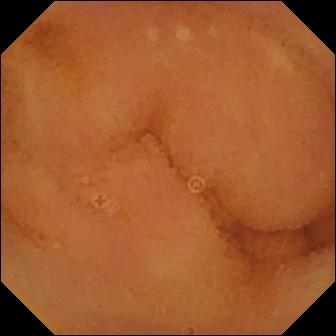Normal clean mucosa.